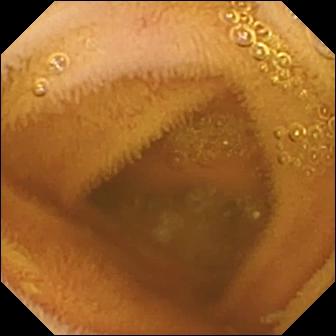WCE — normal clean mucosa.